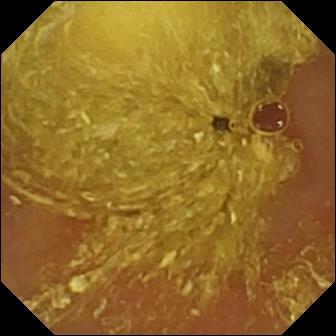This WCE view shows reduced mucosal view (content or bubbles obscuring the mucosa).